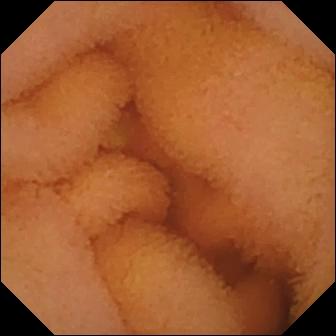- modality: WCE
- segment: small intestine
- label: normal clean mucosa